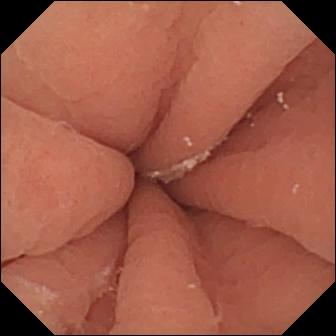- modality: video capsule endoscopy
- location: pylorus region (the junction between the stomach and the small bowel)